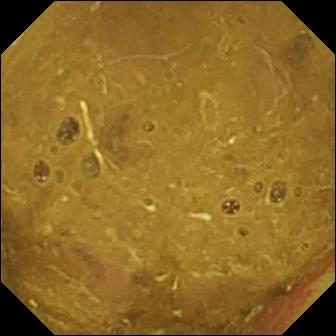modality: video capsule endoscopy
label: ileo-cecal valve region (where the capsule passes from the small bowel into the large bowel)